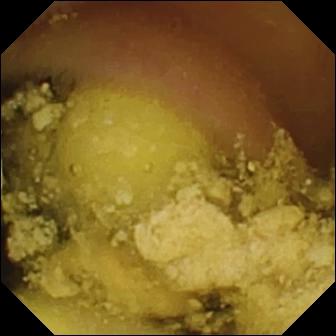Q: What does this capsule endoscopy view show?
A: Foreign body (e.g. retained capsule, tablet residue).